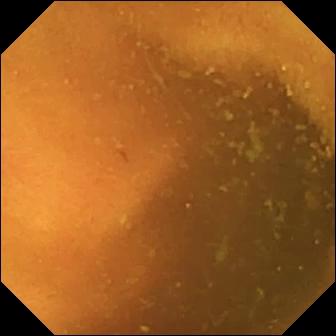Normal clean mucosa — video capsule endoscopy view.